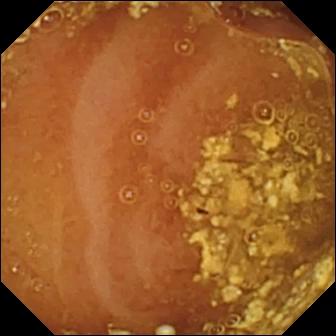modality: video capsule endoscopy; segment: small intestine; impression: reduced mucosal view (content or bubbles obscuring the mucosa)